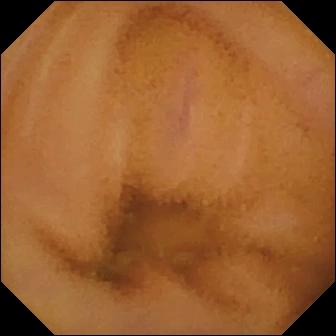Q: What does this capsule endoscopy view of the small intestine show?
A: Normal clean mucosa.